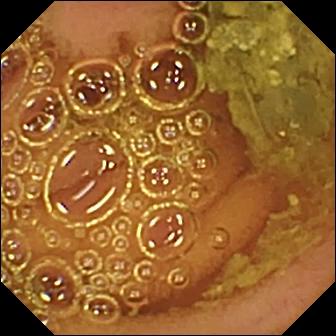PROCEDURE: Capsule endoscopy.
SEGMENT: Small bowel.
FINDINGS: Normal clean mucosa.